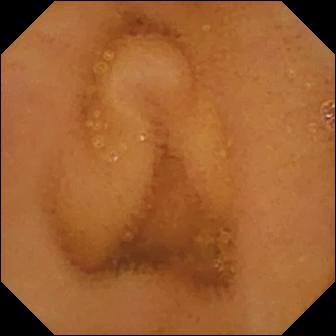WCE. Small bowel. Observation: normal clean mucosa.